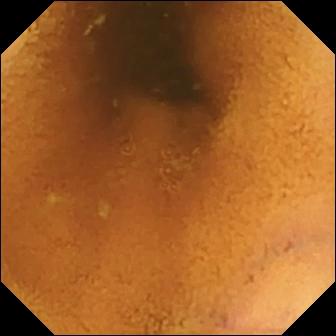This video capsule endoscopy view of the small bowel shows normal clean mucosa.